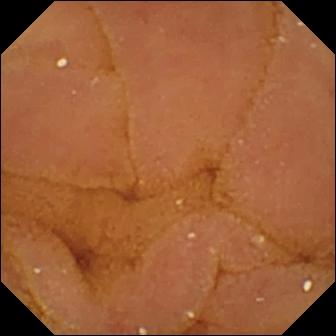Normal clean mucosa — video capsule endoscopy image of the small intestine.